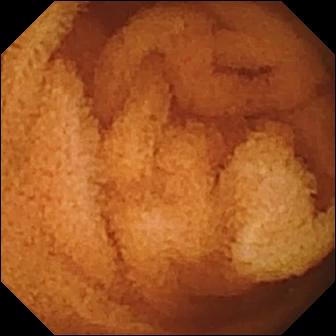Q: What does this video capsule endoscopy view of the small intestine show?
A: Normal clean mucosa.